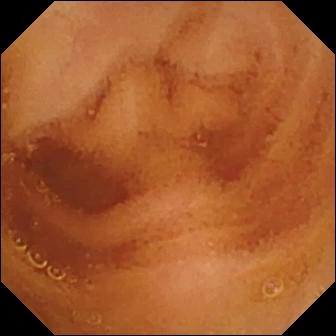{"modality": "capsule endoscopy", "category": "luminal finding", "finding": "normal clean mucosa"}